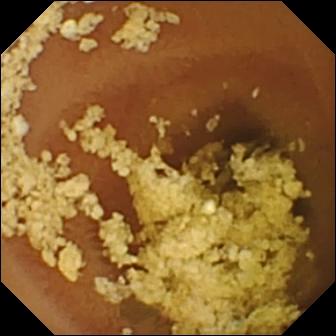WCE view showing normal clean mucosa.